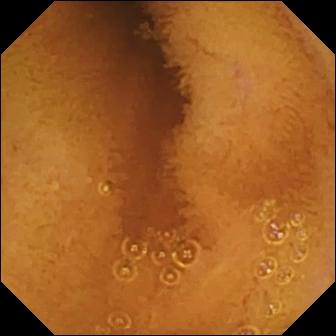WCE frame showing normal clean mucosa.